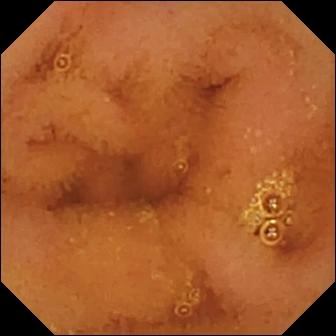PROCEDURE: WCE.
SEGMENT: Small intestine.
FINDINGS: Normal clean mucosa.